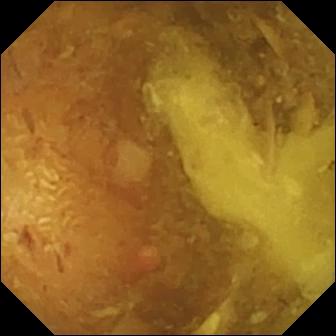Reduced mucosal view (content or bubbles obscuring the mucosa).